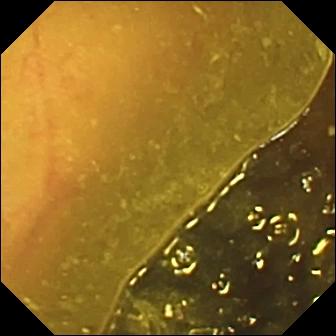modality: small-bowel capsule endoscopy
video segment: ileo-cecal valve region